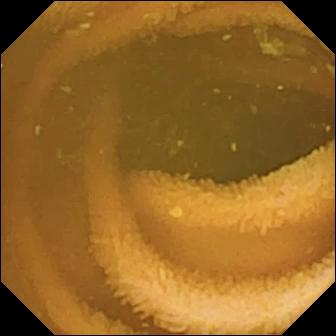{"modality": "VCE", "segment": "small intestine", "category": "luminal finding", "finding": "normal clean mucosa"}